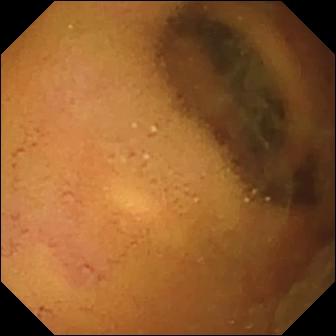WCE image
Label: normal clean mucosa